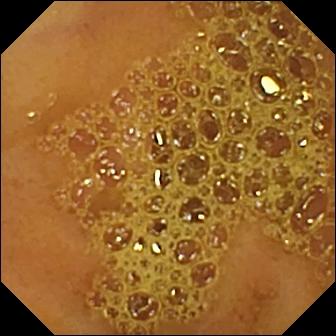- modality: video capsule endoscopy
- position: ileo-cecal valve region (where the capsule passes from the small bowel into the large bowel)